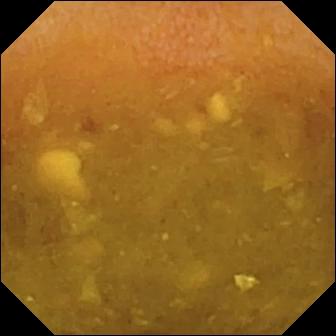Q: What does this video capsule endoscopy view show?
A: Reduced mucosal view (content or bubbles obscuring the mucosa).